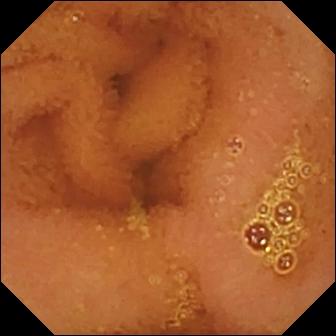Q: What does this capsule endoscopy snapshot of the small bowel show?
A: Normal clean mucosa.